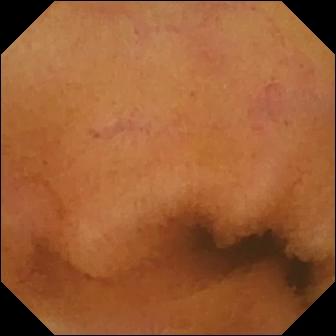modality: small-bowel capsule endoscopy | segment: small bowel | category: luminal finding | label: normal clean mucosa